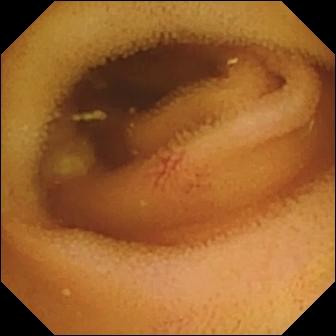PROCEDURE: Video capsule endoscopy.
FINDINGS: Angiectasia.